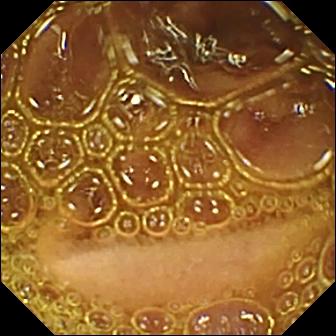modality: WCE
segment: small intestine
finding: normal clean mucosa